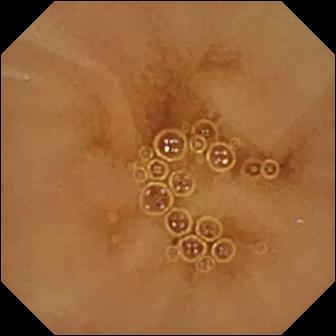Capsule endoscopy frame showing normal clean mucosa.